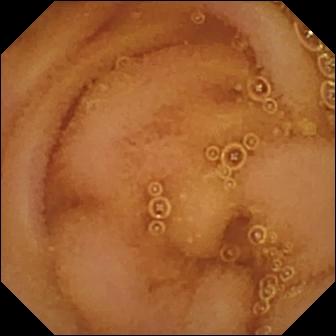{"modality": "small-bowel capsule endoscopy", "finding": "normal clean mucosa"}